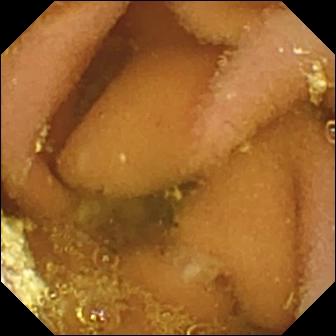WCE — lymphangiectasia.